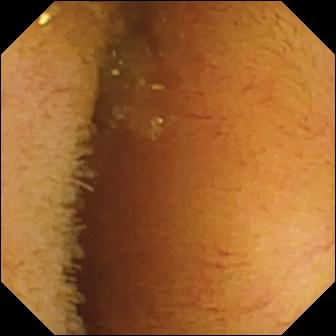This capsule endoscopy frame of the small intestine shows normal clean mucosa.